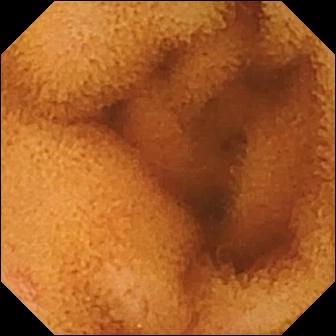PROCEDURE: VCE.
SEGMENT: Small bowel.
FINDINGS: Normal clean mucosa.